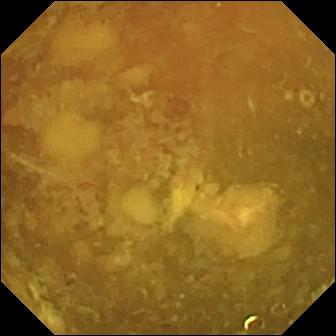Video capsule endoscopy image, small intestine
Label: reduced mucosal view (content or bubbles obscuring the mucosa)